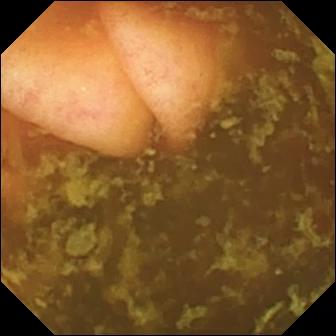Small-bowel capsule endoscopy. Label: ileo-cecal valve region.